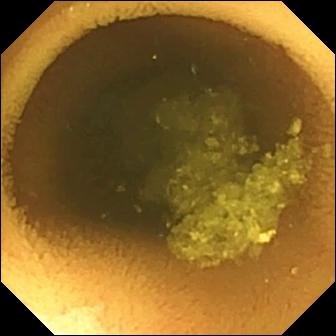- modality: video capsule endoscopy
- observation: normal clean mucosa